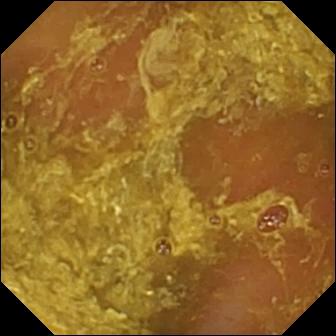VCE frame
Label: reduced mucosal view (content or bubbles obscuring the mucosa)